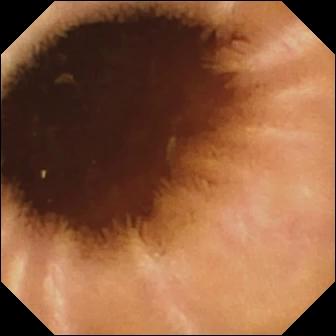modality: wireless capsule endoscopy; segment: small intestine; label: normal clean mucosa